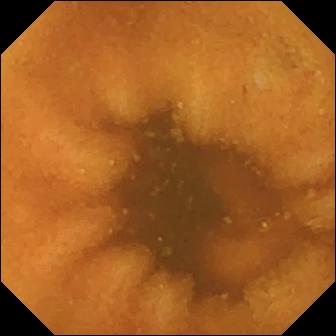Wireless capsule endoscopy view showing normal clean mucosa.